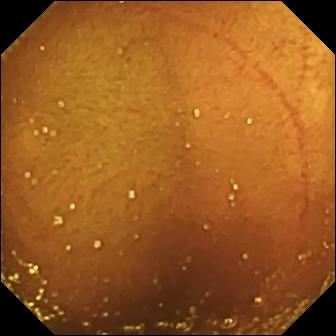This small-bowel capsule endoscopy snapshot was taken in the ileo-cecal valve region (the transition from the small bowel to the large bowel).